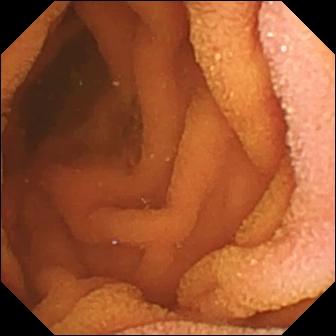- modality: wireless capsule endoscopy
- segment: small intestine
- label: normal clean mucosa